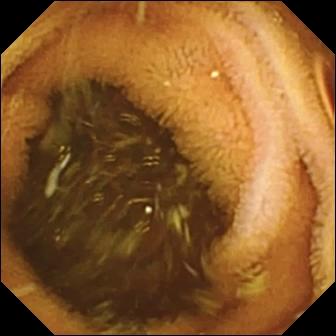Q: What does this small-bowel capsule endoscopy snapshot show?
A: Normal clean mucosa.